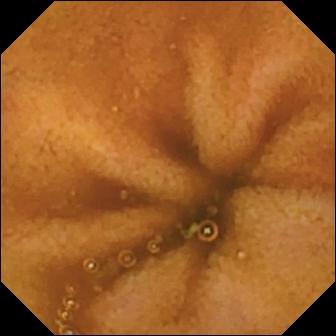Q: What does this small-bowel capsule endoscopy still of the small bowel show?
A: Normal clean mucosa.